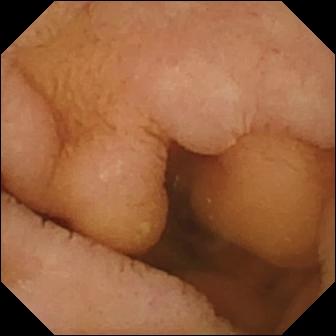- modality: capsule endoscopy
- segment: small intestine
- category: luminal finding
- observation: normal clean mucosa